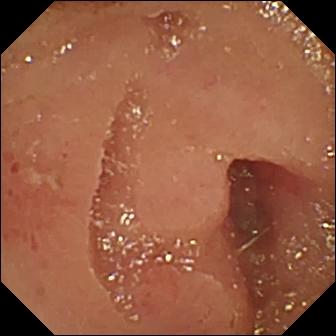Q: What does this capsule endoscopy frame show?
A: Erosion.